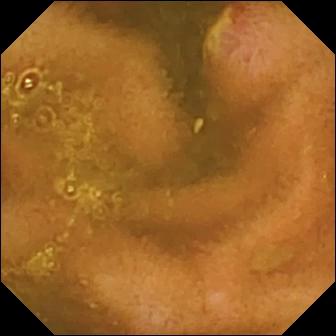Wireless capsule endoscopy image showing ulcer.